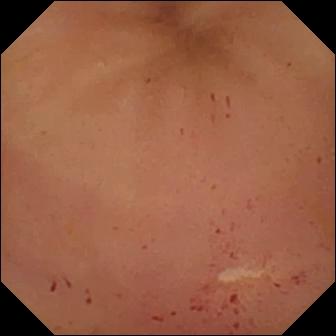{"modality": "small-bowel capsule endoscopy", "finding": "erythema (mucosal redness)"}